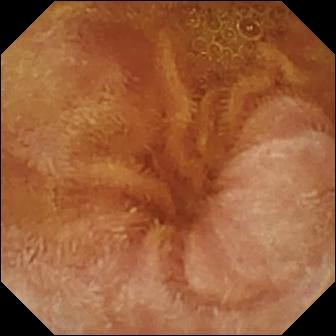{"modality": "VCE", "segment": "small bowel", "category": "luminal finding", "finding": "normal clean mucosa"}